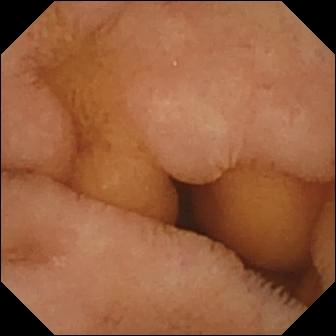{"modality": "small-bowel capsule endoscopy", "category": "luminal finding", "finding": "normal clean mucosa"}